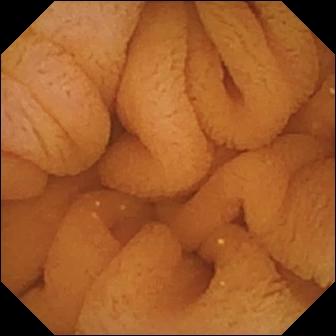- modality: wireless capsule endoscopy
- impression: normal clean mucosa